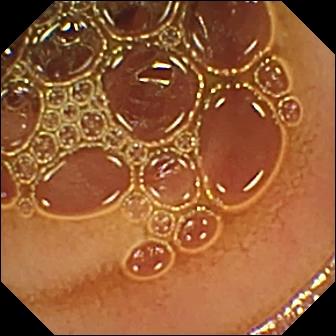This VCE still shows normal clean mucosa.